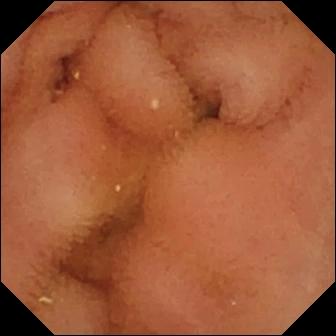This small-bowel capsule endoscopy view shows normal clean mucosa.